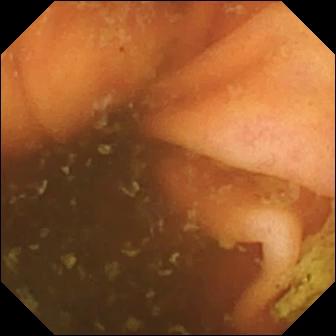{"modality": "small-bowel capsule endoscopy", "location": "ileo-cecal valve region (the transition from the small bowel to the large bowel)"}